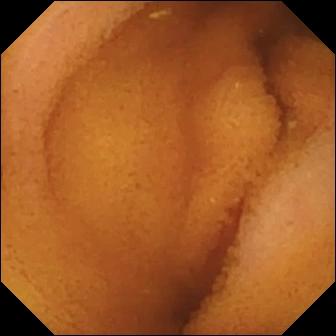- modality: small-bowel capsule endoscopy
- segment: small intestine
- category: luminal finding
- label: normal clean mucosa